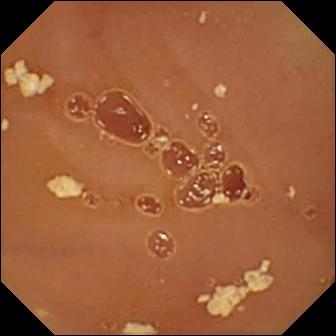Q: What does this video capsule endoscopy view show?
A: Normal clean mucosa.